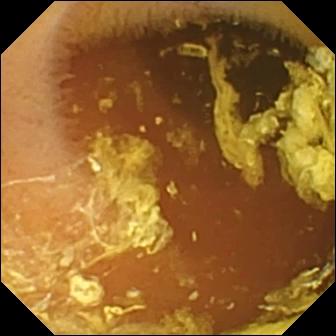VCE snapshot
Observation: normal clean mucosa